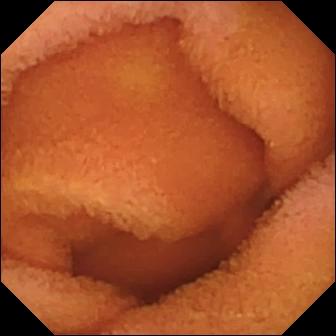VCE snapshot. Normal clean mucosa.